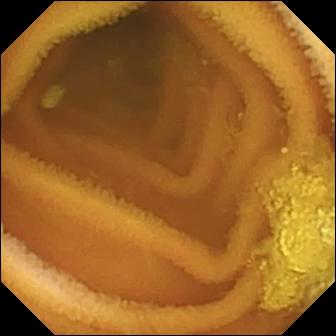Normal clean mucosa — VCE still of the small intestine.